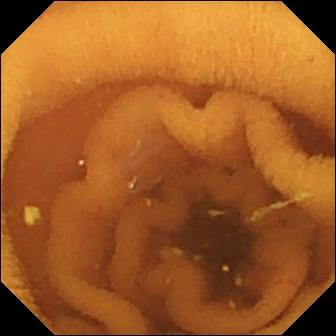This capsule endoscopy view shows normal clean mucosa.